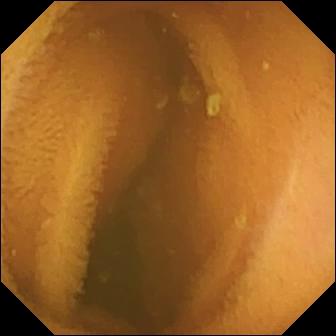Capsule endoscopy. Observation: normal clean mucosa.